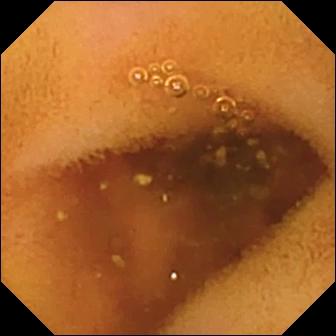Q: What does this small-bowel capsule endoscopy frame of the small intestine show?
A: Normal clean mucosa.